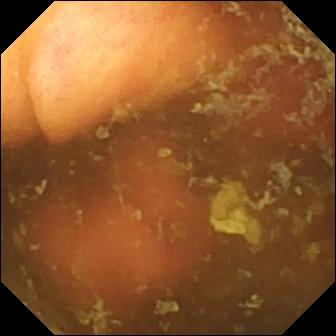Capsule endoscopy still
Location: ileo-cecal valve region